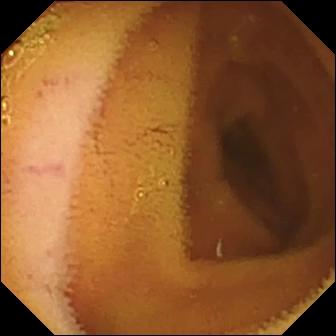modality: wireless capsule endoscopy; segment: small intestine; finding: normal clean mucosa